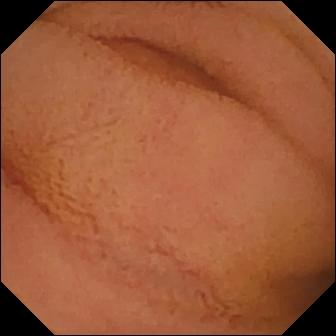Normal clean mucosa — video capsule endoscopy snapshot.